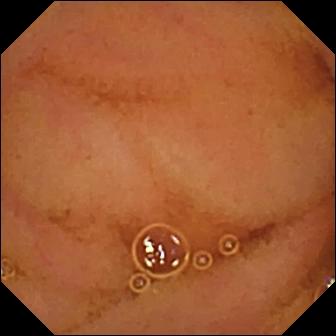modality: wireless capsule endoscopy; impression: normal clean mucosa